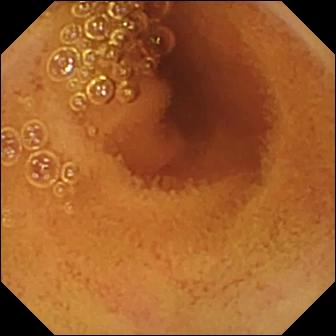modality: VCE | observation: normal clean mucosa